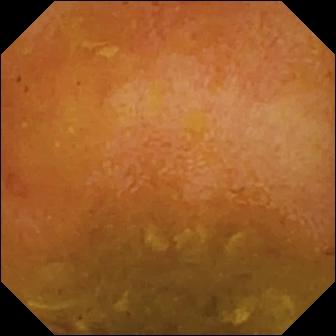modality: small-bowel capsule endoscopy; finding: reduced mucosal view (content or bubbles obscuring the mucosa)